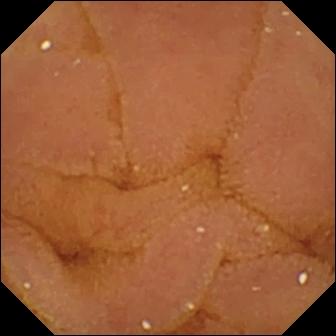Video capsule endoscopy — normal clean mucosa.